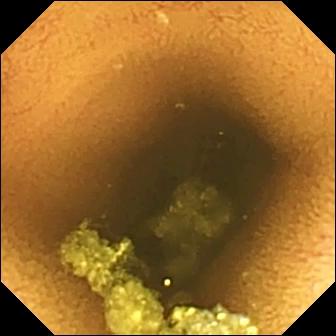Small-bowel capsule endoscopy. Small intestine. Luminal finding. Observation: normal clean mucosa.